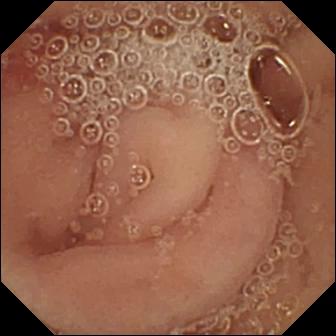Pylorus region — wireless capsule endoscopy view.